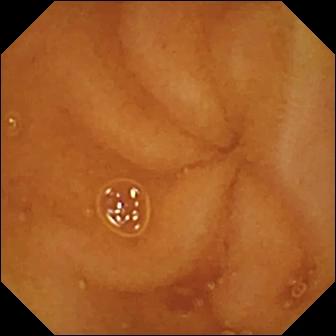Q: What does this WCE frame show?
A: Normal clean mucosa.